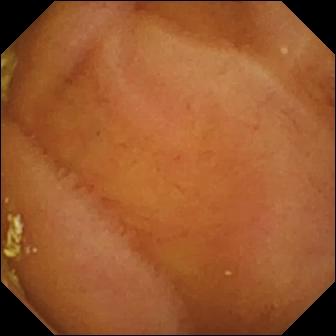Normal clean mucosa.